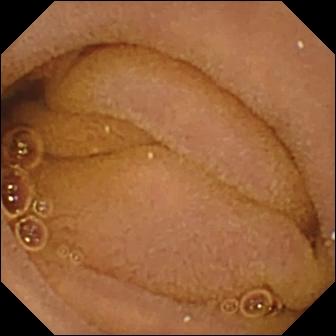Normal clean mucosa.